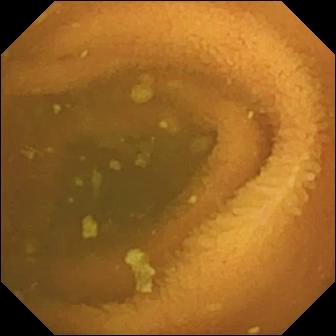Wireless capsule endoscopy — normal clean mucosa.